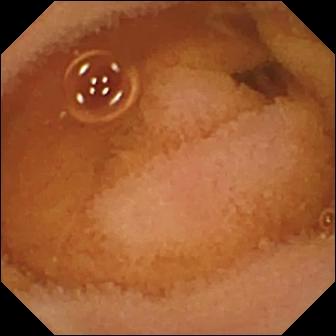Video capsule endoscopy view showing normal clean mucosa.